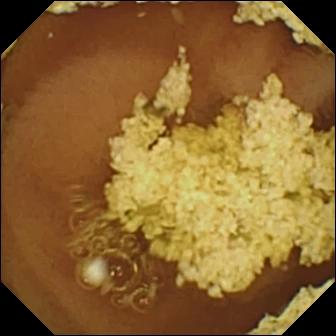Small-bowel capsule endoscopy snapshot showing normal clean mucosa.